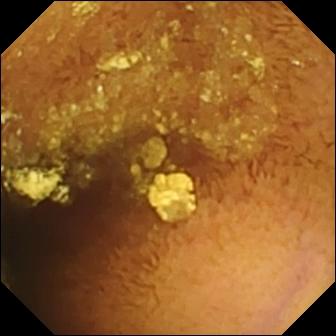Wireless capsule endoscopy frame (small bowel). Normal clean mucosa.